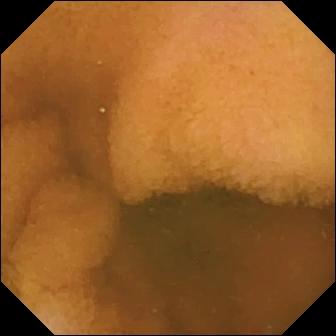Capsule endoscopy still of the small bowel showing normal clean mucosa.